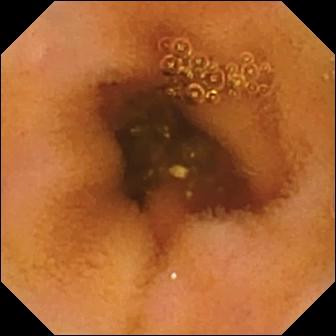Wireless capsule endoscopy. Finding: normal clean mucosa.